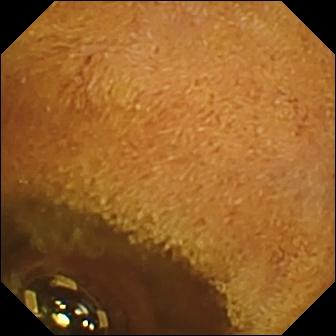- modality: wireless capsule endoscopy
- category: luminal finding
- impression: foreign body (e.g. retained capsule, tablet residue)